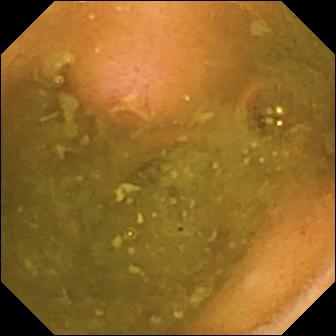Ulcer — wireless capsule endoscopy image.